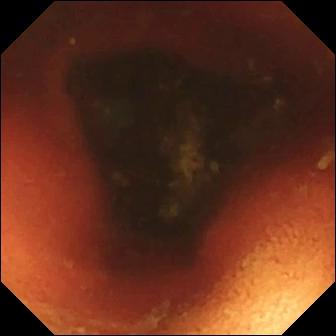Wireless capsule endoscopy. Near an anatomical landmark. Position: ileo-cecal valve region (the transition from the small bowel to the large bowel).